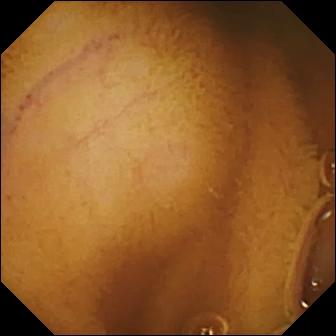Normal clean mucosa.